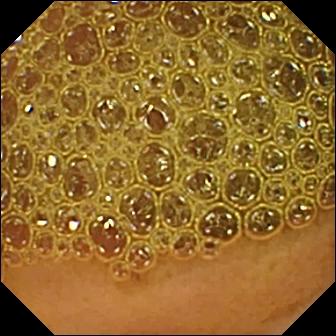Wireless capsule endoscopy image showing reduced mucosal view (content or bubbles obscuring the mucosa).